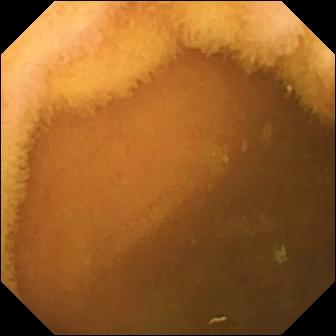{"modality": "wireless capsule endoscopy", "segment": "small intestine", "category": "luminal finding", "finding": "normal clean mucosa"}